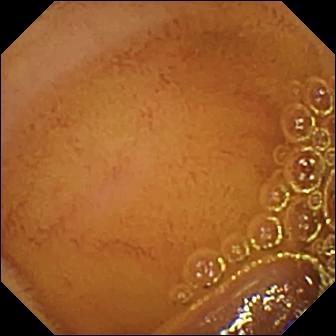Wireless capsule endoscopy frame, small intestine
Observation: normal clean mucosa